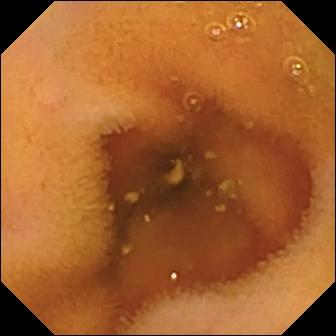Normal clean mucosa.